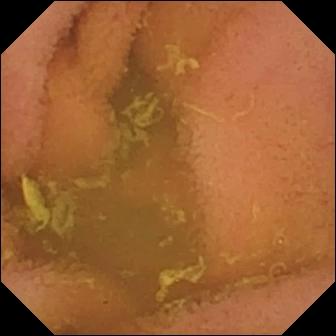Normal clean mucosa.